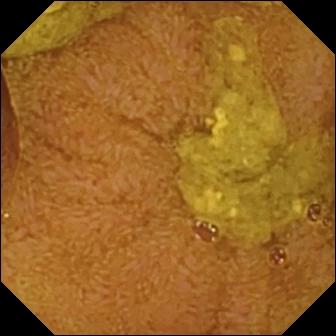Ileo-cecal valve region (where the capsule passes from the small bowel into the large bowel).